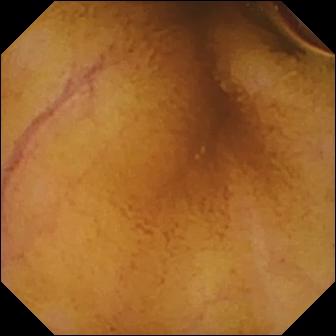This WCE view of the small bowel shows normal clean mucosa.